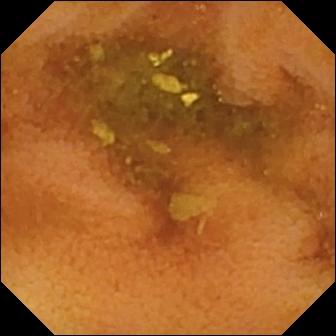{"modality": "video capsule endoscopy", "segment": "small intestine", "category": "luminal finding", "finding": "normal clean mucosa"}